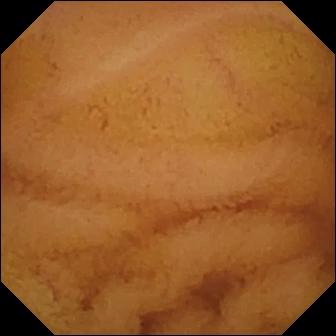- modality: video capsule endoscopy
- label: normal clean mucosa